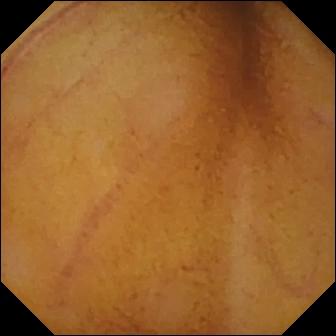This wireless capsule endoscopy view shows normal clean mucosa.